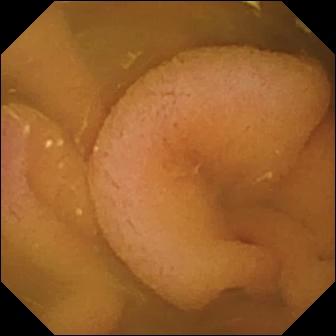Normal clean mucosa — capsule endoscopy image of the small bowel.